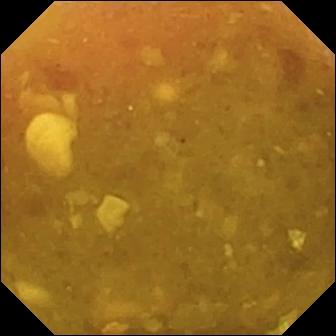{"modality": "video capsule endoscopy", "segment": "small bowel", "finding": "reduced mucosal view (content or bubbles obscuring the mucosa)"}